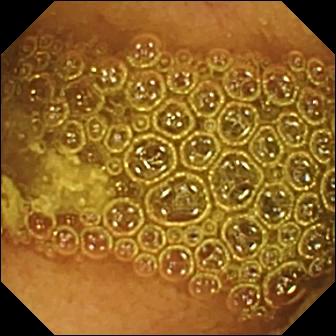This wireless capsule endoscopy still shows reduced mucosal view (content or bubbles obscuring the mucosa).